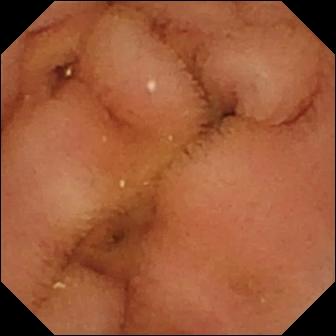Normal clean mucosa — WCE frame of the small bowel.